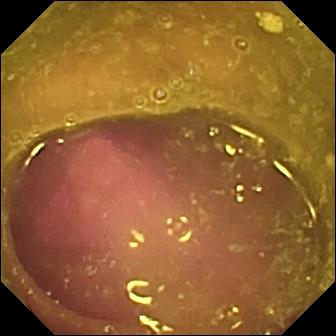- modality: small-bowel capsule endoscopy
- category: luminal finding
- impression: reduced mucosal view (content or bubbles obscuring the mucosa)